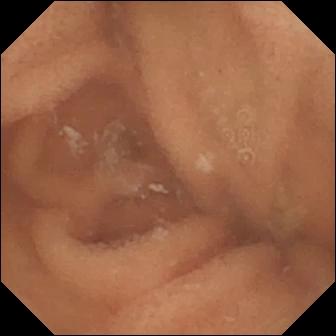Wireless capsule endoscopy still of the small bowel showing normal clean mucosa.